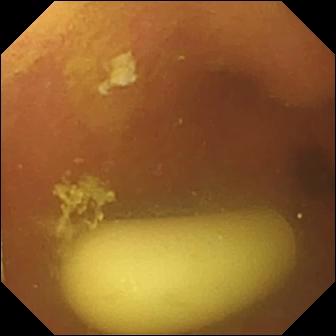Capsule endoscopy view
Finding: foreign body (e.g. retained capsule, tablet residue)